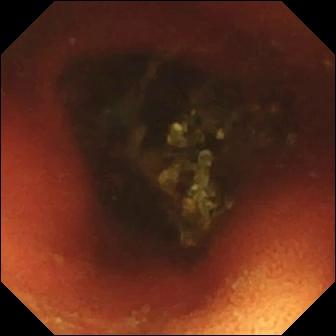Small-bowel capsule endoscopy. Position: ileo-cecal valve region.